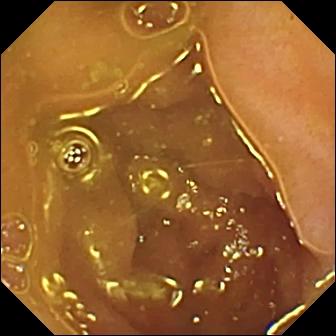Ileo-cecal valve region (where the capsule passes from the small bowel into the large bowel) — video capsule endoscopy image.